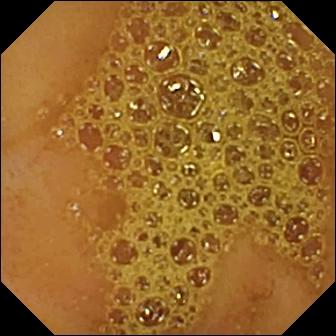Ileo-cecal valve region (where the capsule passes from the small bowel into the large bowel) — WCE snapshot.